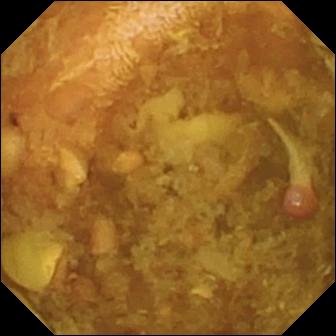VCE frame (small bowel), 336×336. Reduced mucosal view (content or bubbles obscuring the mucosa).